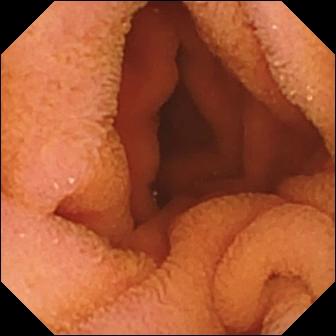{"modality": "wireless capsule endoscopy", "finding": "normal clean mucosa"}